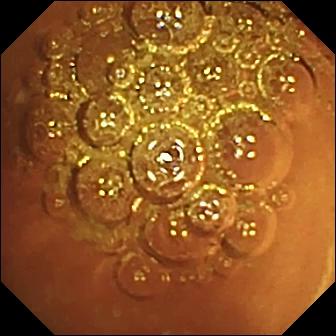Normal clean mucosa — wireless capsule endoscopy image.